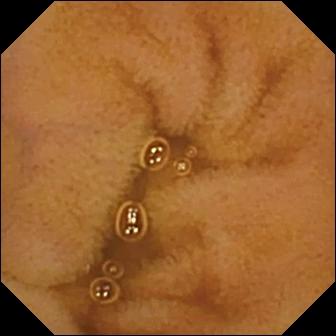PROCEDURE: Video capsule endoscopy.
FINDINGS: Normal clean mucosa.